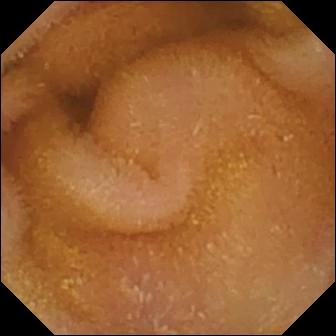{"modality": "VCE", "category": "luminal finding", "finding": "normal clean mucosa"}